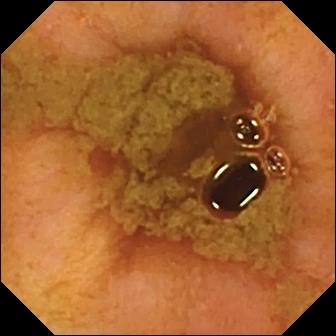PROCEDURE: VCE.
LOCATION: Ileo-cecal valve region (the transition from the small bowel to the large bowel).